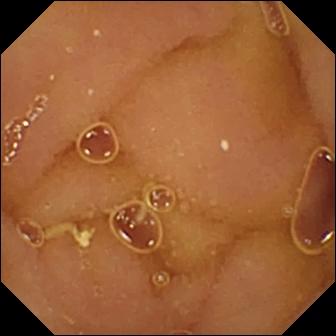Capsule endoscopy — normal clean mucosa.